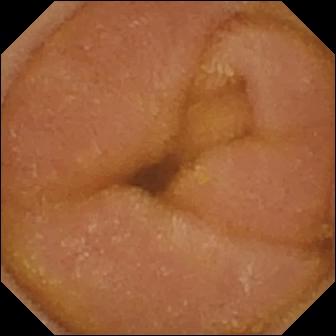Wireless capsule endoscopy still. Normal clean mucosa.